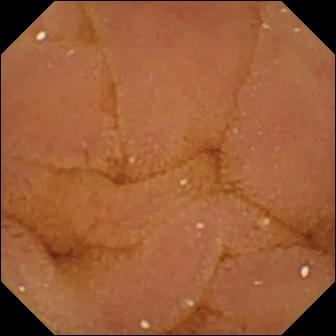VCE still showing normal clean mucosa.